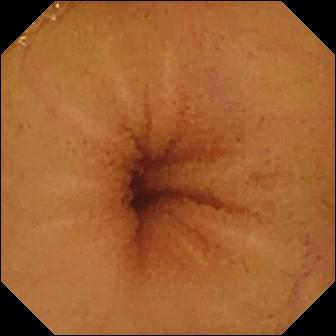Q: What does this video capsule endoscopy image show?
A: Normal clean mucosa.